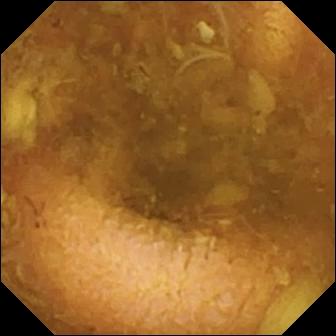Q: What does this video capsule endoscopy still of the small bowel show?
A: Reduced mucosal view (content or bubbles obscuring the mucosa).